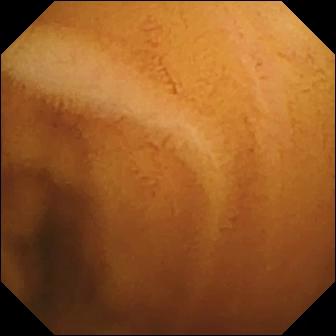PROCEDURE: Wireless capsule endoscopy.
SEGMENT: Small bowel.
FINDINGS: Normal clean mucosa.